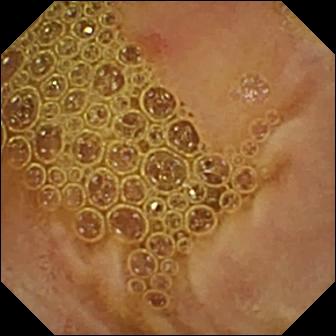VCE image
Finding: erosion